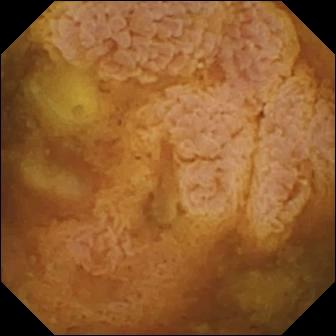- modality: video capsule endoscopy
- impression: reduced mucosal view (content or bubbles obscuring the mucosa)